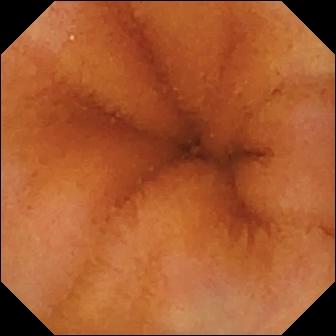Normal clean mucosa — small-bowel capsule endoscopy frame of the small intestine.